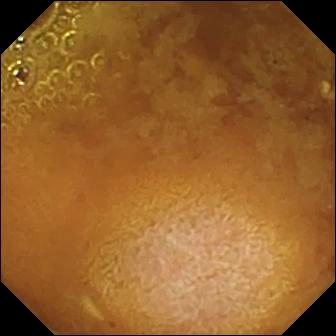modality: WCE | segment: small bowel | label: reduced mucosal view (content or bubbles obscuring the mucosa)